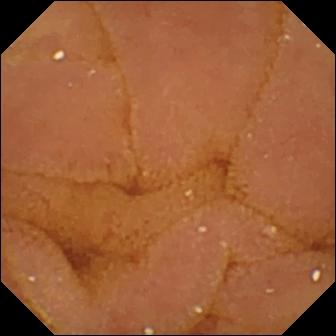Q: What does this small-bowel capsule endoscopy snapshot of the small intestine show?
A: Normal clean mucosa.